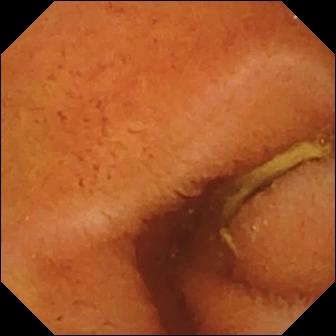Q: What does this video capsule endoscopy view show?
A: Normal clean mucosa.